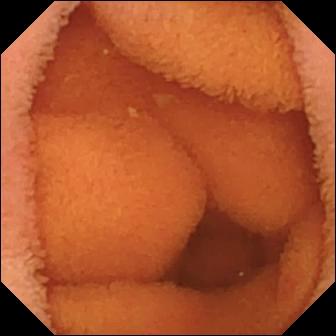modality: WCE | segment: small bowel | impression: normal clean mucosa